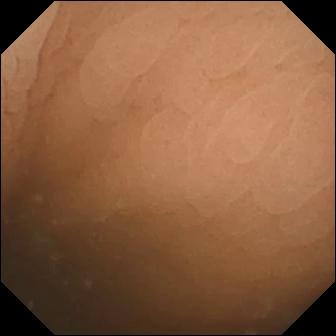Small-bowel capsule endoscopy snapshot
Position: pylorus region (the junction between the stomach and the small bowel)